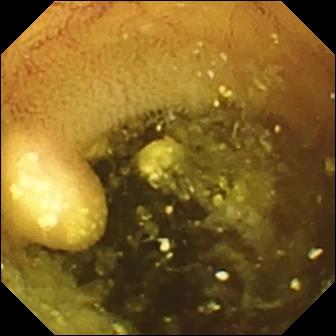This small-bowel capsule endoscopy snapshot shows lymphangiectasia.